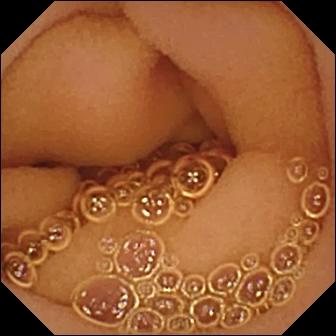Video capsule endoscopy. Label: normal clean mucosa.